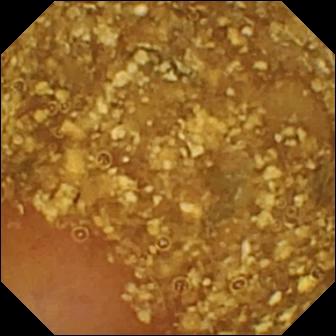This WCE frame of the small bowel shows reduced mucosal view (content or bubbles obscuring the mucosa).